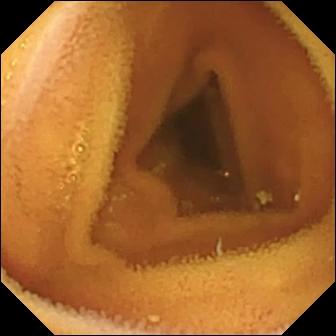Normal clean mucosa — wireless capsule endoscopy snapshot.